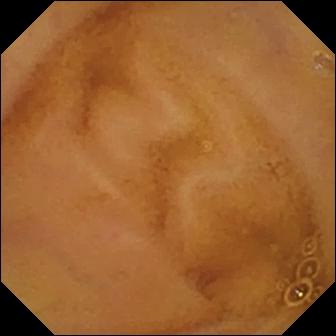- modality: VCE
- segment: small intestine
- category: luminal finding
- label: normal clean mucosa